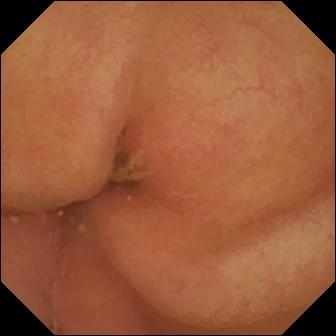Small-bowel capsule endoscopy still
Position: pylorus region